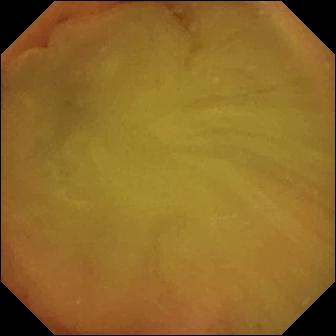Small-bowel capsule endoscopy snapshot of the small intestine showing normal clean mucosa.